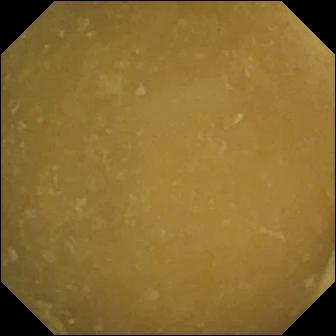Ileo-cecal valve region.